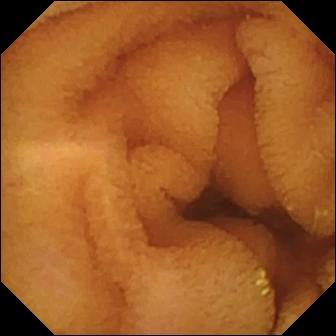Wireless capsule endoscopy frame of the small bowel showing normal clean mucosa.